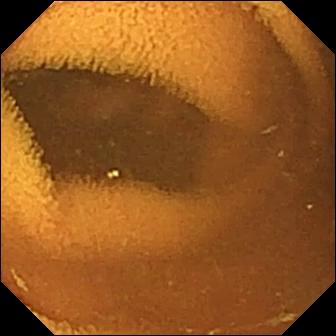Video capsule endoscopy. Luminal finding. Observation: normal clean mucosa.